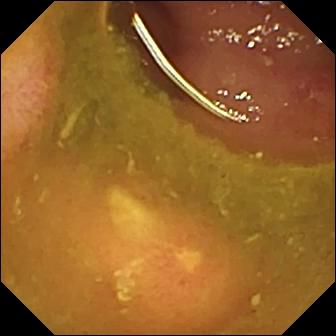PROCEDURE: VCE.
FINDINGS: Ulcer.